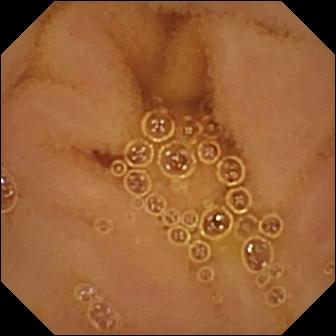- modality: capsule endoscopy
- impression: normal clean mucosa